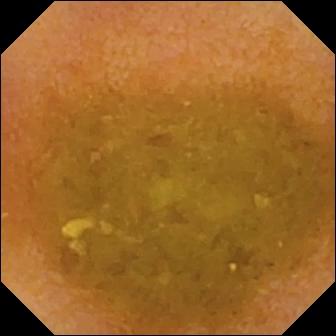modality: small-bowel capsule endoscopy; category: luminal finding; observation: reduced mucosal view (content or bubbles obscuring the mucosa)